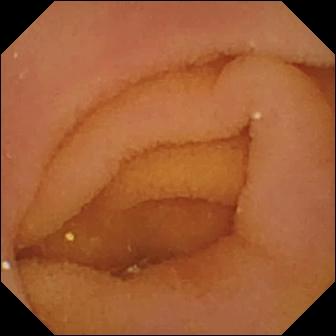Pylorus region (the junction between the stomach and the small bowel) — VCE image.